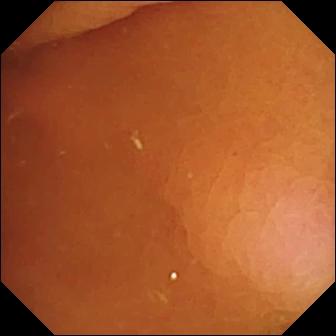Pylorus region, 336×336.